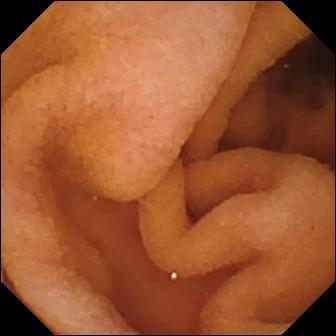PROCEDURE: Wireless capsule endoscopy.
POSITION: Pylorus region.